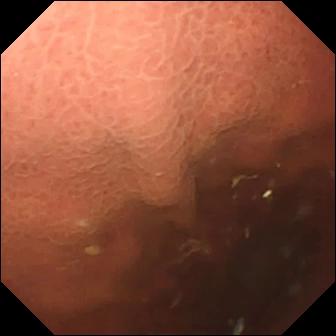WCE snapshot. Taken in the pylorus region.